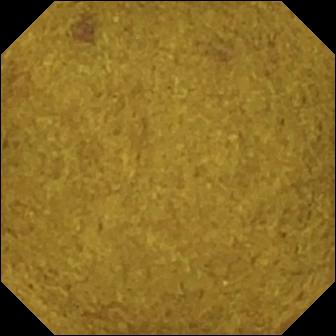VCE — ileo-cecal valve region (where the capsule passes from the small bowel into the large bowel).